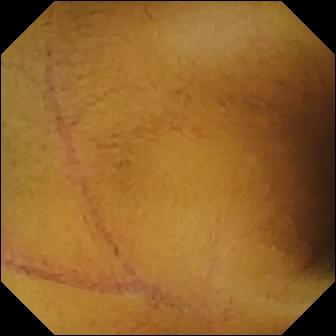PROCEDURE: Capsule endoscopy.
FINDINGS: Normal clean mucosa.